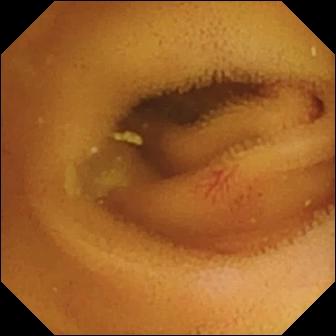Q: What does this small-bowel capsule endoscopy view show?
A: Angiectasia.